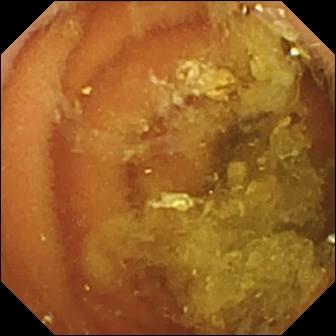Small-bowel capsule endoscopy still
Label: normal clean mucosa